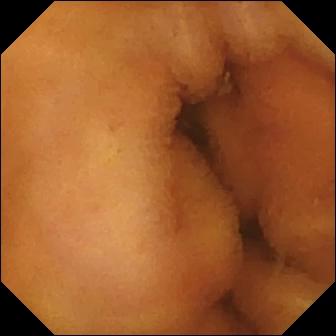WCE — normal clean mucosa.